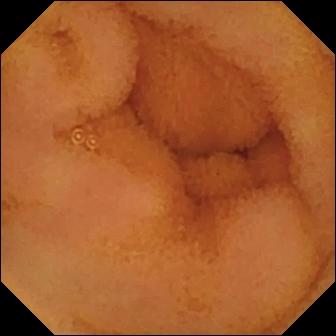Video capsule endoscopy. Small intestine. Finding: normal clean mucosa.